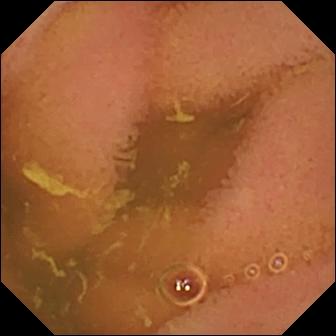- modality: VCE
- impression: normal clean mucosa